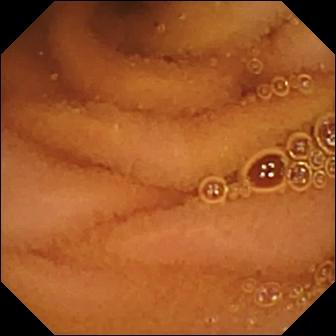modality: wireless capsule endoscopy | impression: normal clean mucosa